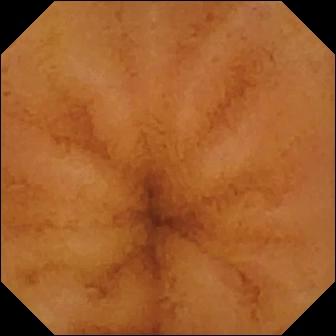Normal clean mucosa — wireless capsule endoscopy frame of the small bowel.